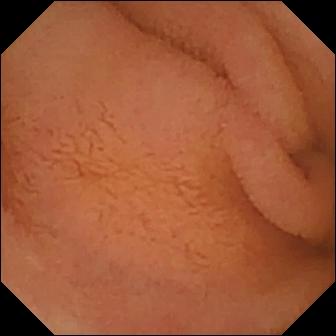Normal clean mucosa (336×336).